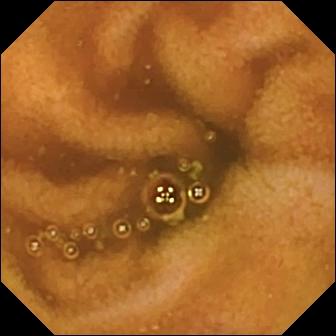Q: What does this WCE still of the small intestine show?
A: Normal clean mucosa.